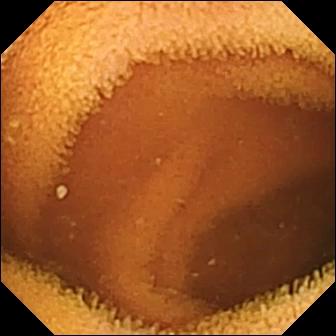Normal clean mucosa — wireless capsule endoscopy snapshot of the small bowel.